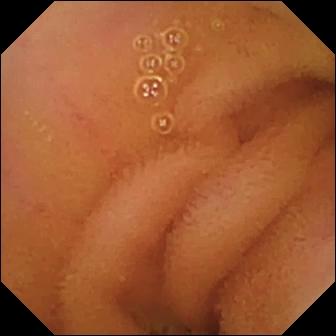- modality: wireless capsule endoscopy
- label: normal clean mucosa